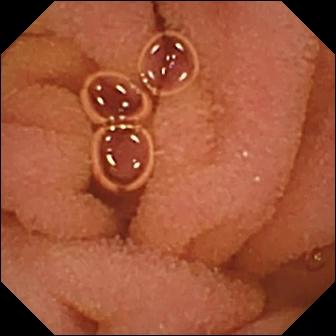Normal clean mucosa.